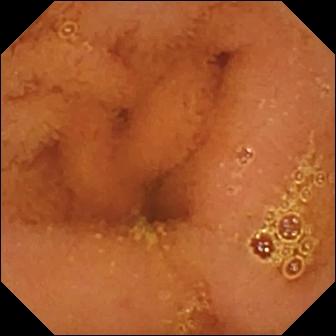- modality: video capsule endoscopy
- segment: small intestine
- observation: normal clean mucosa